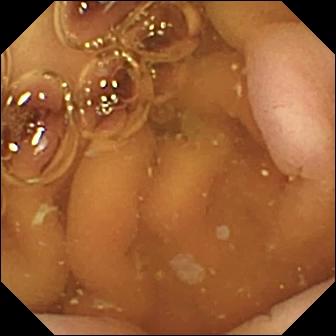Video capsule endoscopy still taken in the pylorus region.